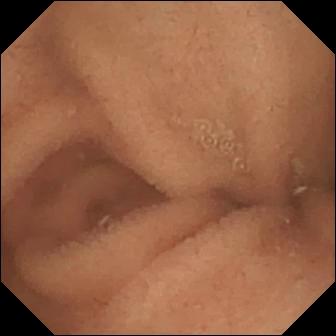Wireless capsule endoscopy view (small bowel). Normal clean mucosa.